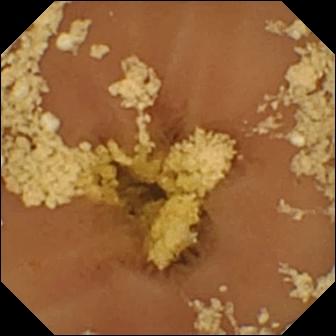VCE image of the small bowel showing normal clean mucosa.